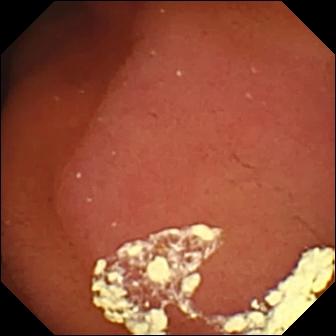modality: WCE | category: anatomical landmark | label: pylorus region (where the capsule passes from the stomach into the small bowel)